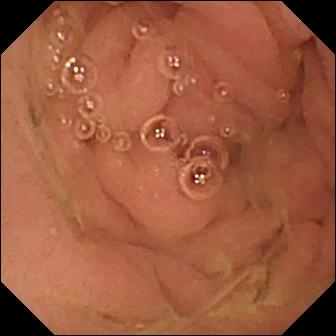Small-bowel capsule endoscopy. Near an anatomical landmark. Position: pylorus region.